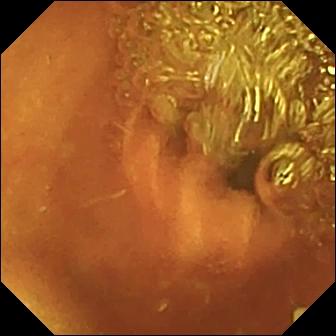Video capsule endoscopy — normal clean mucosa.